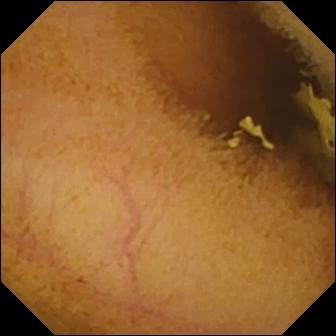Small-bowel capsule endoscopy frame (small bowel). Normal clean mucosa.